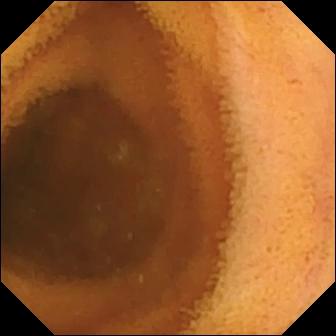- modality: small-bowel capsule endoscopy
- segment: small intestine
- category: luminal finding
- label: normal clean mucosa